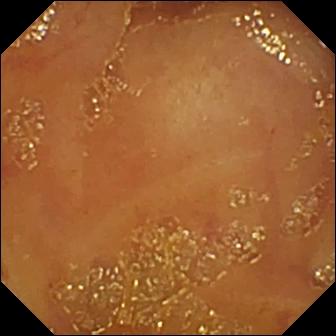Ileo-cecal valve region (the transition from the small bowel to the large bowel).